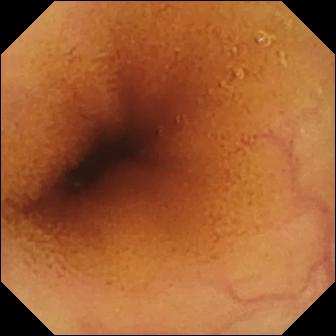PROCEDURE: VCE.
FINDINGS: Normal clean mucosa.